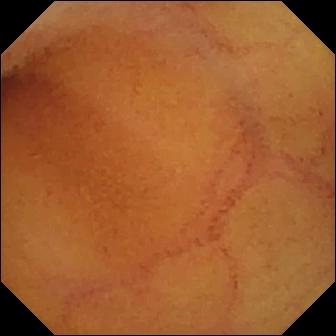Normal clean mucosa.